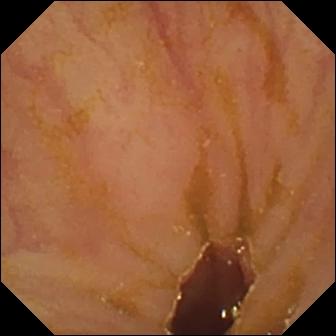Ileo-cecal valve region, 336×336.